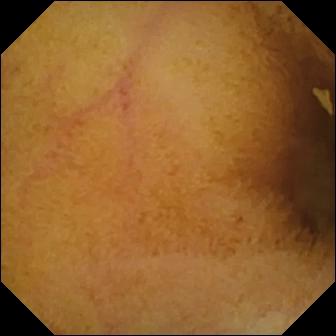modality: small-bowel capsule endoscopy
segment: small bowel
category: luminal finding
impression: normal clean mucosa